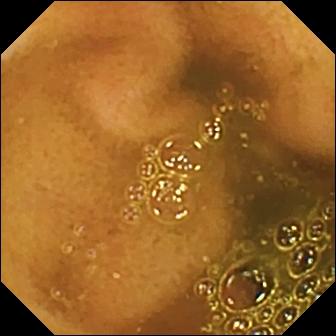- modality: video capsule endoscopy
- location: ileo-cecal valve region (where the capsule passes from the small bowel into the large bowel)